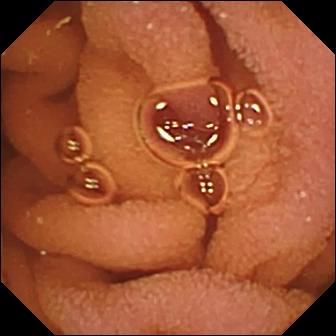WCE view (small intestine), 336×336. Normal clean mucosa.